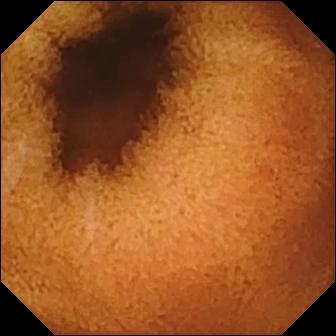This small-bowel capsule endoscopy view shows normal clean mucosa.